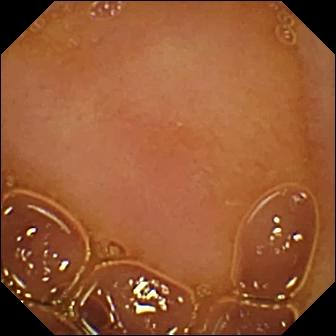- modality: WCE
- finding: normal clean mucosa